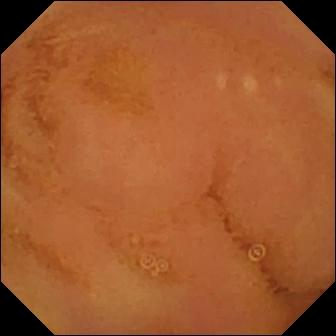Normal clean mucosa — capsule endoscopy image.